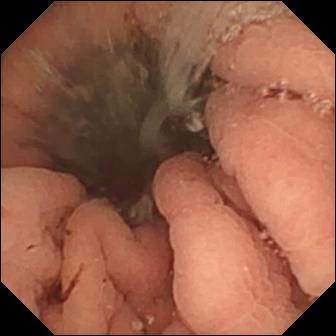WCE snapshot
Observation: fresh blood in the lumen